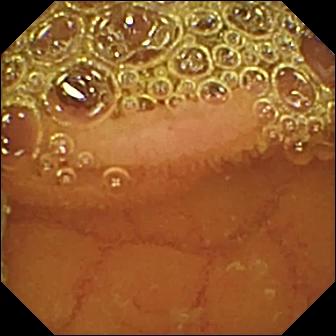Wireless capsule endoscopy still (small intestine), 336×336. Normal clean mucosa.